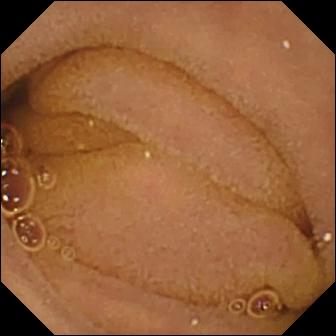Capsule endoscopy. Finding: normal clean mucosa.